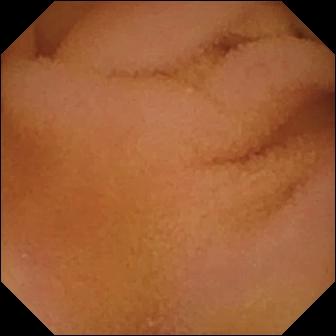VCE — normal clean mucosa.